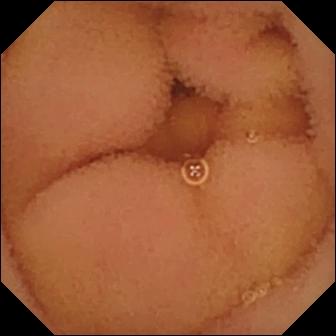Capsule endoscopy — normal clean mucosa.